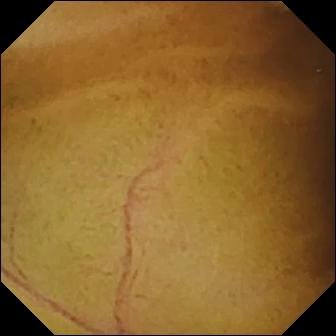PROCEDURE: VCE.
FINDINGS: Normal clean mucosa.